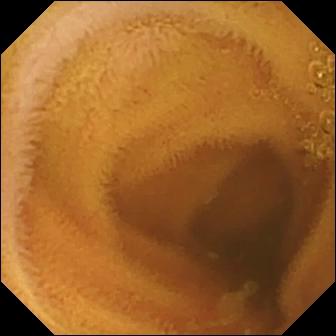{"modality": "wireless capsule endoscopy", "finding": "normal clean mucosa"}